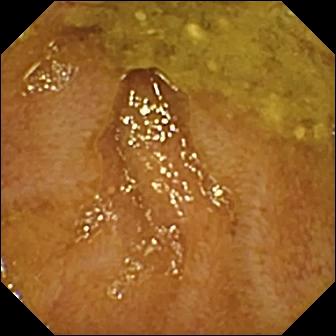{"modality": "WCE", "video_segment": "ileo-cecal valve region (the transition from the small bowel to the large bowel)"}